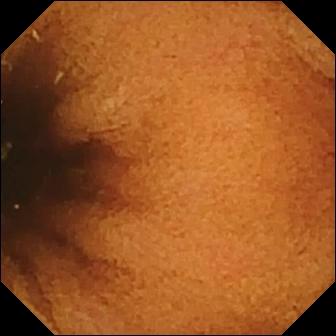modality: wireless capsule endoscopy
segment: small bowel
finding: normal clean mucosa